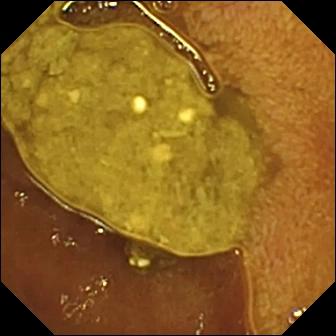VCE — ileo-cecal valve region.